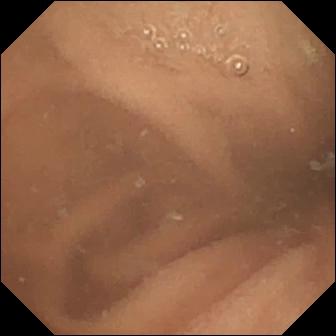PROCEDURE: Wireless capsule endoscopy.
SEGMENT: Small bowel.
FINDINGS: Normal clean mucosa.